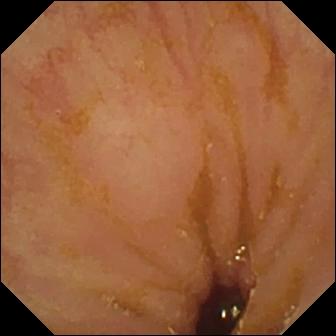- modality: video capsule endoscopy
- category: anatomical landmark
- position: ileo-cecal valve region (where the capsule passes from the small bowel into the large bowel)